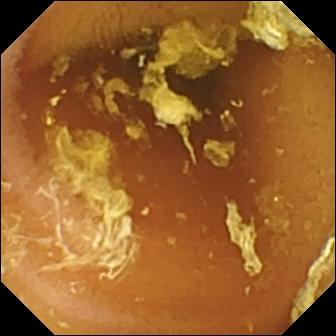WCE. Finding: normal clean mucosa.